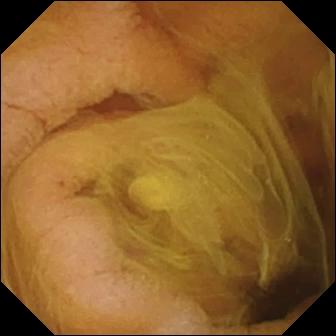Q: What does this WCE frame show?
A: Normal clean mucosa.